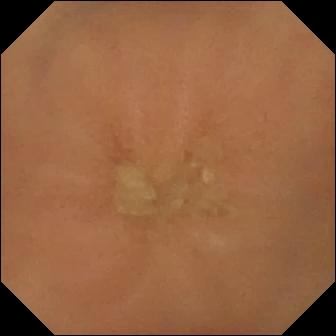modality: WCE; finding: normal clean mucosa